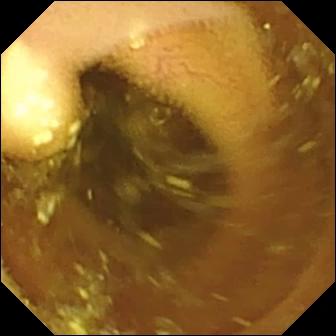This small-bowel capsule endoscopy image shows lymphangiectasia.